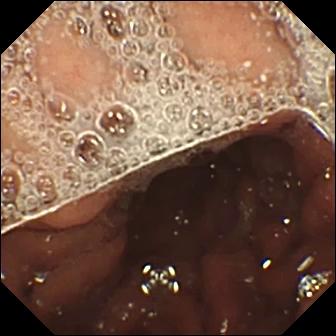modality: VCE; video segment: pylorus region (the junction between the stomach and the small bowel)